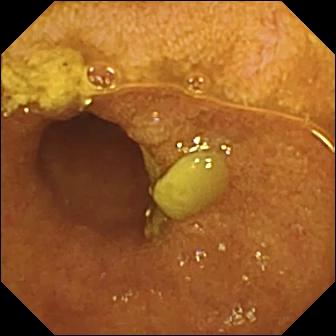Ileo-cecal valve region.